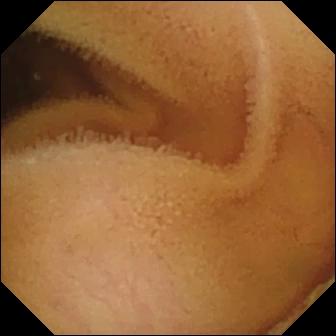Q: What does this WCE frame show?
A: Normal clean mucosa.